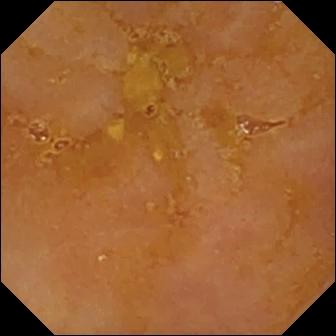Video capsule endoscopy. Small bowel. Observation: reduced mucosal view (content or bubbles obscuring the mucosa).